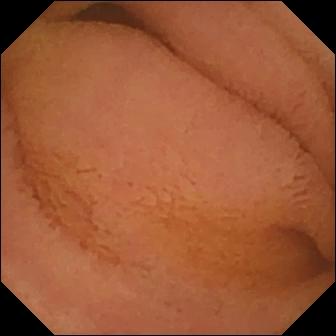WCE — normal clean mucosa.